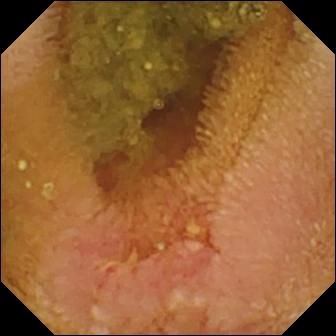- modality: capsule endoscopy
- finding: erosion